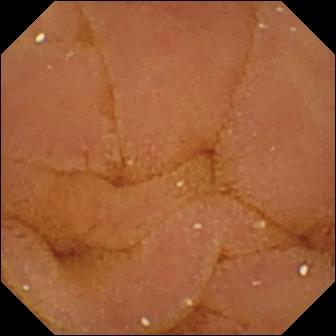Wireless capsule endoscopy — normal clean mucosa.